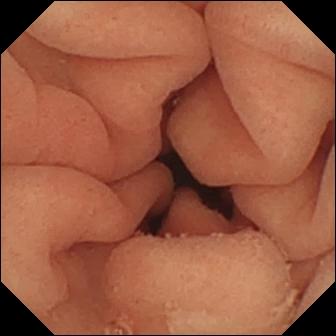modality: small-bowel capsule endoscopy
label: pylorus region (the junction between the stomach and the small bowel)